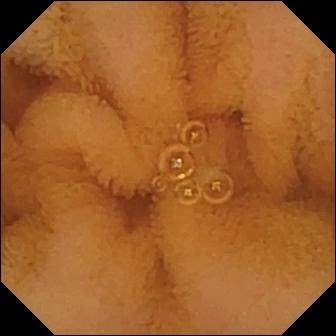modality: wireless capsule endoscopy; label: normal clean mucosa